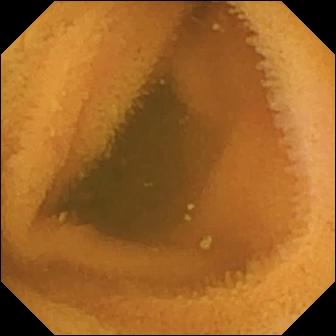modality: wireless capsule endoscopy; category: luminal finding; label: normal clean mucosa